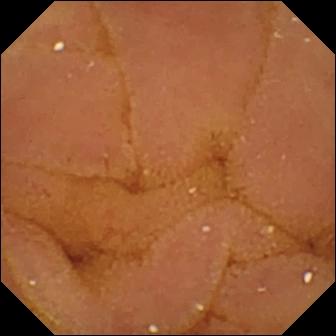VCE snapshot showing normal clean mucosa.